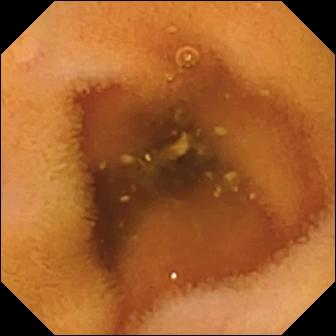Wireless capsule endoscopy — normal clean mucosa.